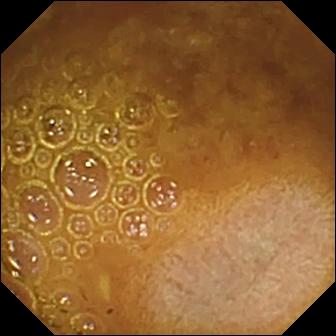Reduced mucosal view (content or bubbles obscuring the mucosa) — VCE snapshot of the small bowel.